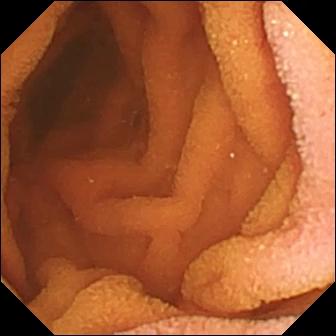PROCEDURE: Capsule endoscopy.
SEGMENT: Small bowel.
FINDINGS: Normal clean mucosa.